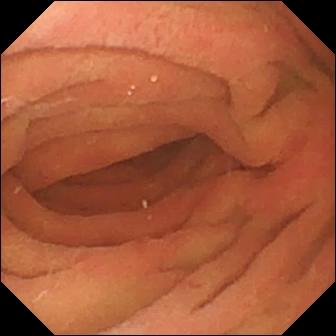This small-bowel capsule endoscopy view was taken in the pylorus region (the junction between the stomach and the small bowel).